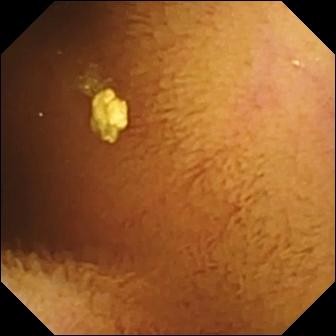Q: What does this video capsule endoscopy frame of the small bowel show?
A: Normal clean mucosa.